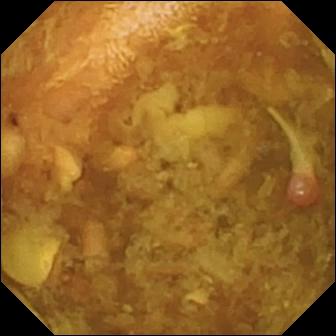modality: video capsule endoscopy
observation: reduced mucosal view (content or bubbles obscuring the mucosa)